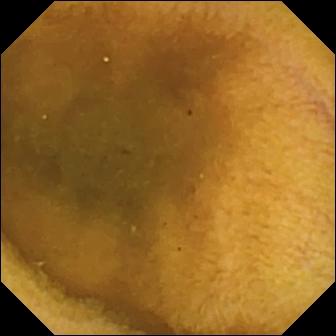Capsule endoscopy image
Finding: normal clean mucosa